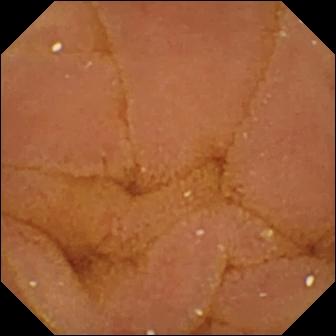Normal clean mucosa — video capsule endoscopy image.